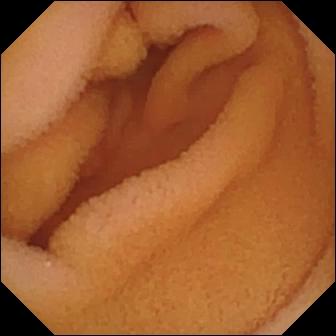This small-bowel capsule endoscopy view shows normal clean mucosa.